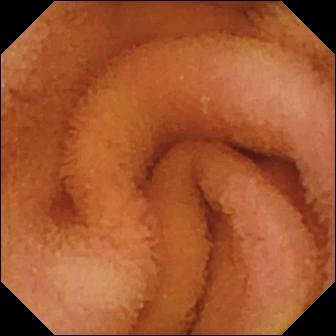This WCE view shows normal clean mucosa.